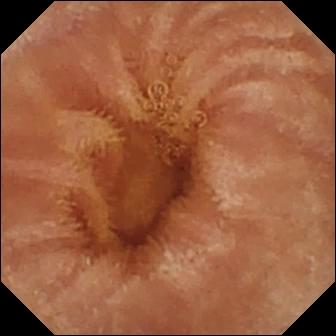Normal clean mucosa.